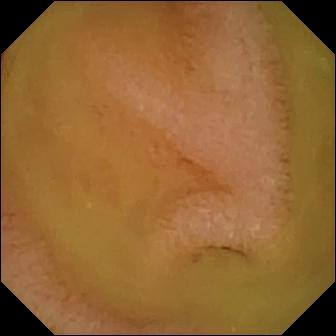Normal clean mucosa.